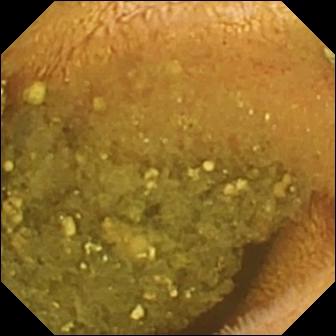Capsule endoscopy. Small bowel. Label: reduced mucosal view (content or bubbles obscuring the mucosa).